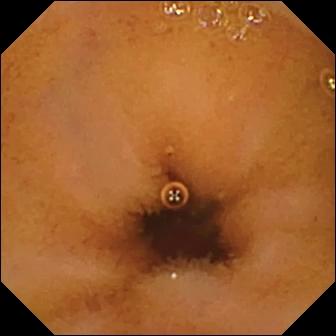Capsule endoscopy frame showing normal clean mucosa.